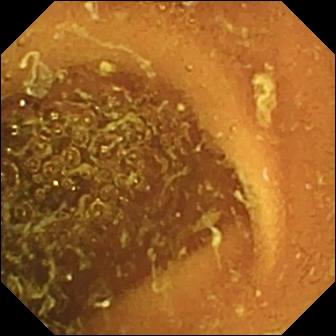modality: video capsule endoscopy; segment: small intestine; label: normal clean mucosa